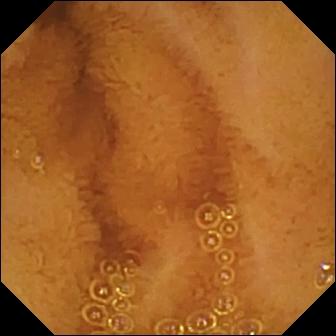- modality: video capsule endoscopy
- category: luminal finding
- impression: normal clean mucosa